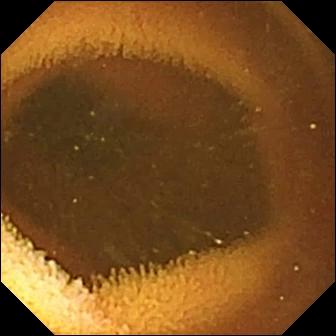VCE. Small bowel. Impression: normal clean mucosa.